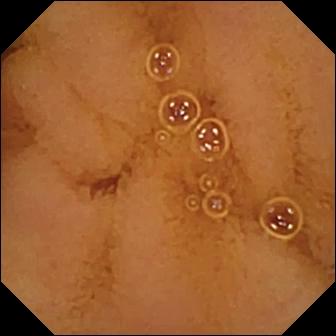Wireless capsule endoscopy frame. Normal clean mucosa.